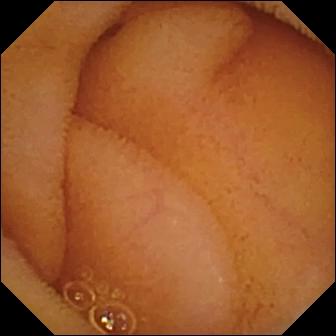Normal clean mucosa.